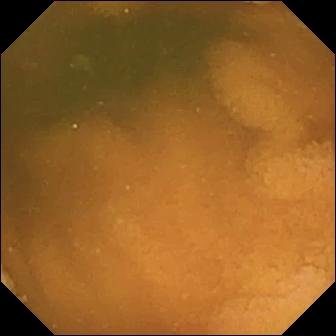modality: capsule endoscopy
segment: small bowel
impression: normal clean mucosa